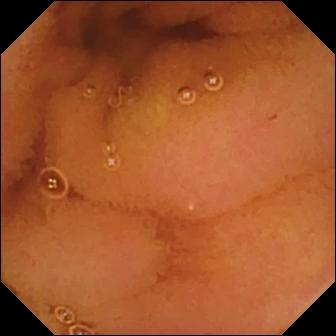This small-bowel capsule endoscopy view of the small intestine shows normal clean mucosa.